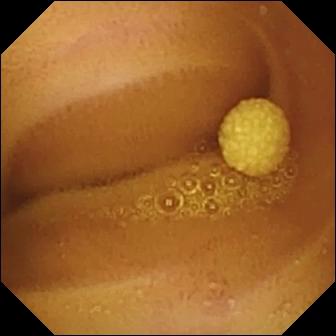WCE. Finding: lymphangiectasia.